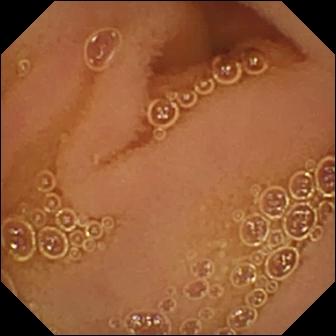Normal clean mucosa — VCE view.